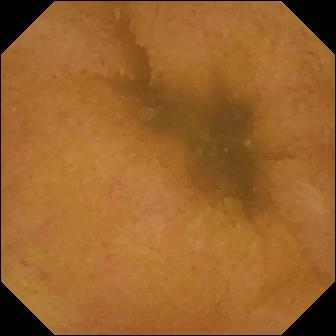{"modality": "small-bowel capsule endoscopy", "finding": "normal clean mucosa"}